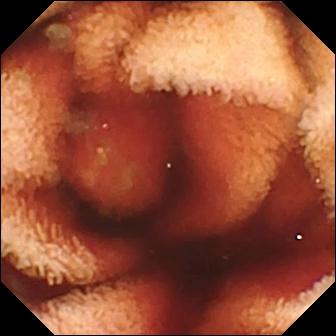PROCEDURE: VCE.
FINDINGS: Fresh blood in the lumen.